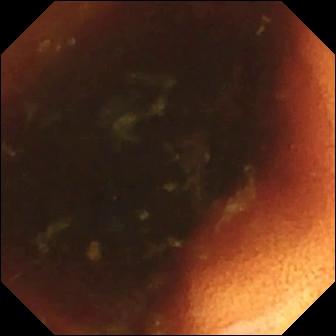Ileo-cecal valve region.